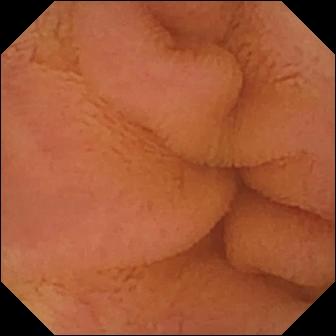{"modality": "WCE", "finding": "normal clean mucosa"}